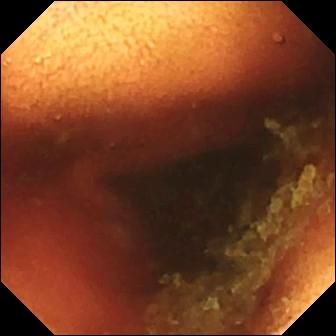Capsule endoscopy. Near an anatomical landmark. Position: ileo-cecal valve region (where the capsule passes from the small bowel into the large bowel).